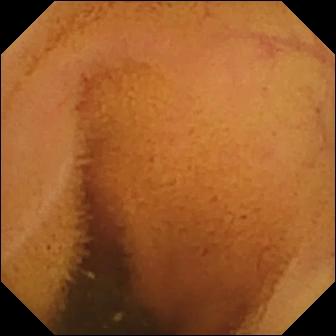Normal clean mucosa.